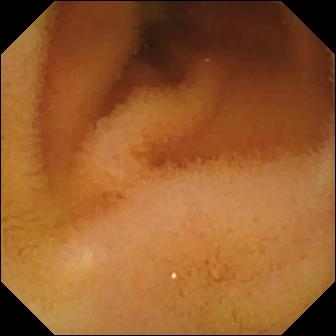Normal clean mucosa.